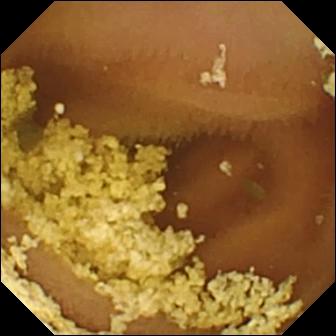Q: What does this WCE snapshot show?
A: Normal clean mucosa.